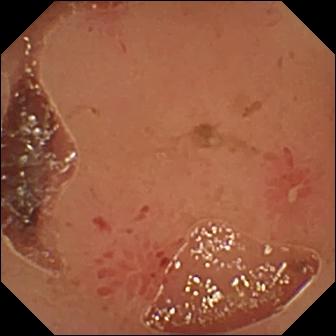Erosion — video capsule endoscopy still.